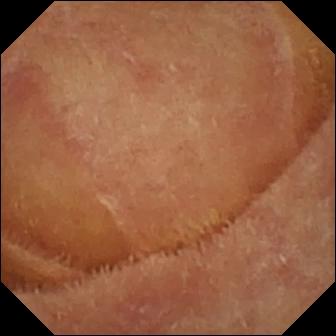- modality: WCE
- label: normal clean mucosa